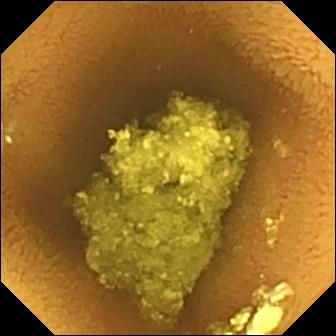This small-bowel capsule endoscopy snapshot shows normal clean mucosa.